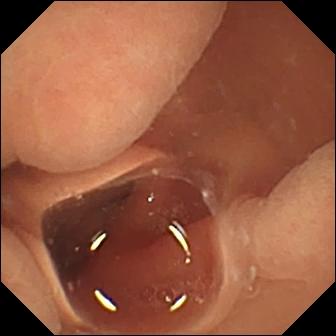Normal clean mucosa — small-bowel capsule endoscopy image.